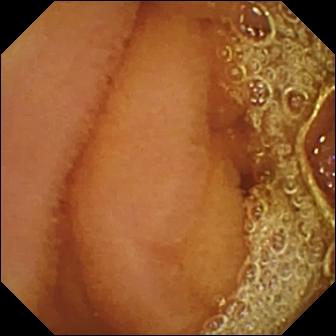Normal clean mucosa — video capsule endoscopy view of the small bowel.